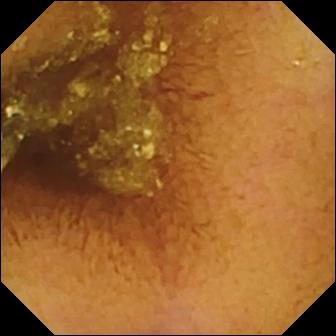Wireless capsule endoscopy snapshot
Label: normal clean mucosa